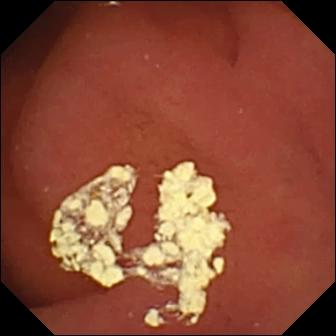modality: wireless capsule endoscopy | label: pylorus region